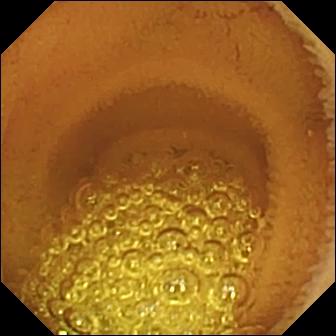Video capsule endoscopy frame, 336×336. Normal clean mucosa.